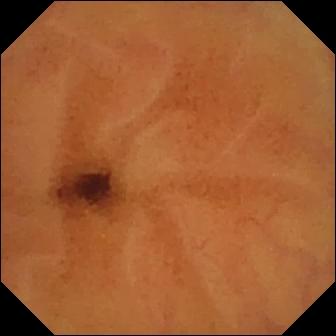This capsule endoscopy image of the small intestine shows normal clean mucosa.